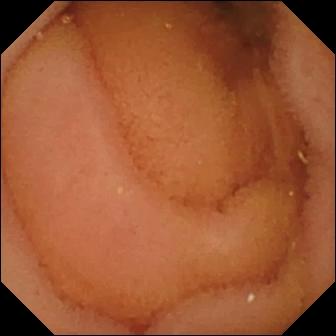Normal clean mucosa — WCE still.